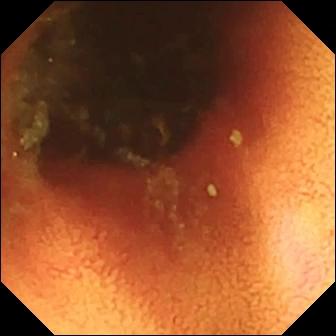Ileo-cecal valve region (the transition from the small bowel to the large bowel) — WCE image.